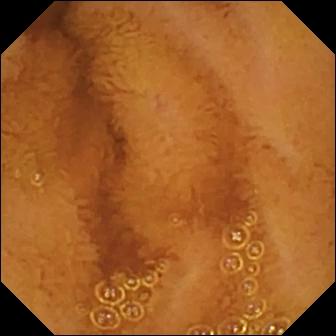modality: small-bowel capsule endoscopy
segment: small bowel
finding: normal clean mucosa